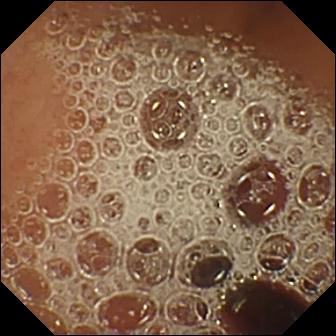PROCEDURE: Capsule endoscopy.
FINDINGS: Normal clean mucosa.